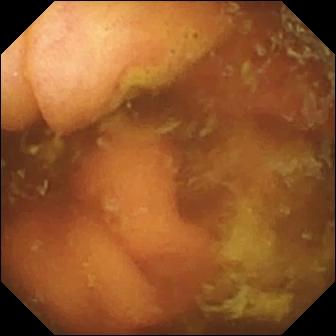{"modality": "capsule endoscopy", "location": "ileo-cecal valve region"}